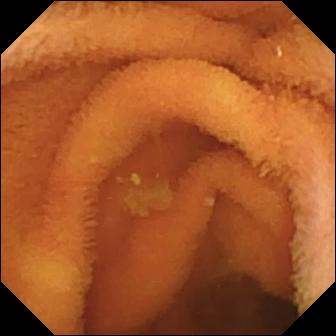Capsule endoscopy — normal clean mucosa.